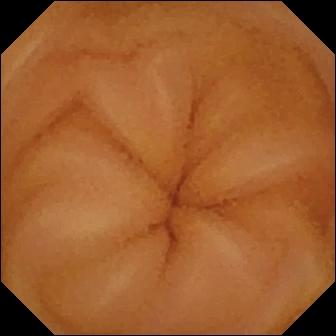VCE view showing normal clean mucosa.